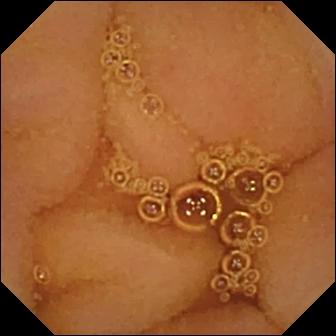modality: small-bowel capsule endoscopy | segment: small bowel | impression: normal clean mucosa